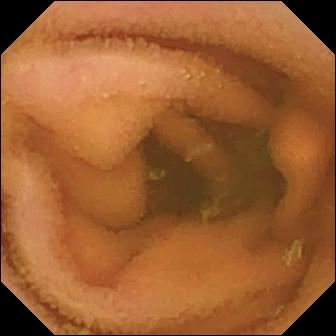VCE still (small intestine), 336×336. Normal clean mucosa.